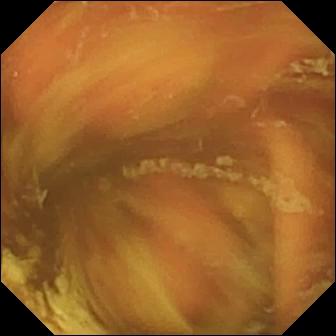PROCEDURE: WCE.
LABEL: Ileo-cecal valve region.